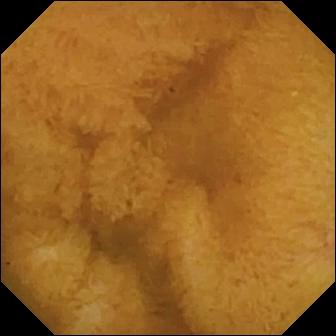Wireless capsule endoscopy image of the small bowel showing normal clean mucosa.